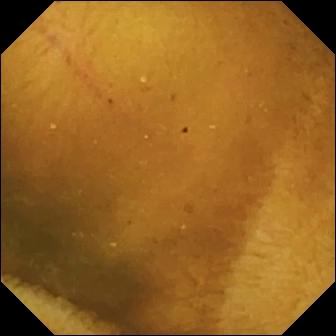Normal clean mucosa.